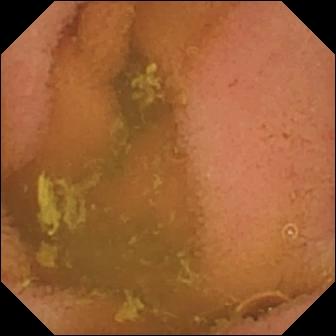- modality: video capsule endoscopy
- segment: small intestine
- label: normal clean mucosa